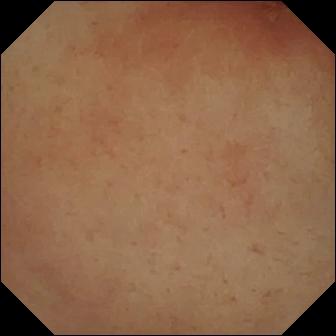- modality: wireless capsule endoscopy
- category: anatomical landmark
- video segment: pylorus region (where the capsule passes from the stomach into the small bowel)